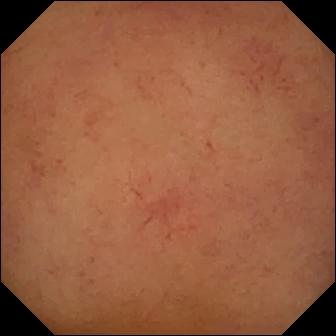modality: VCE | observation: normal clean mucosa